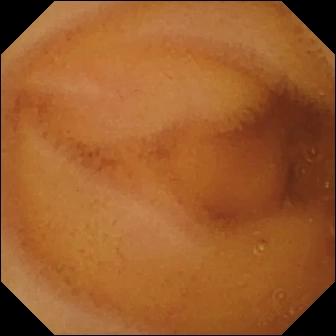Small-bowel capsule endoscopy image
Finding: normal clean mucosa